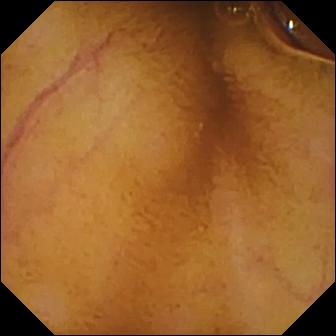Q: What does this video capsule endoscopy still of the small bowel show?
A: Normal clean mucosa.